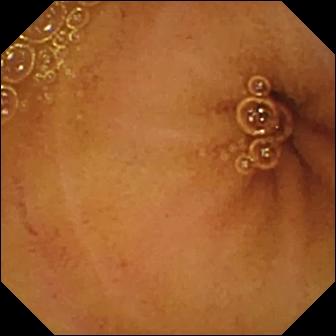modality: VCE; segment: small bowel; category: luminal finding; impression: normal clean mucosa